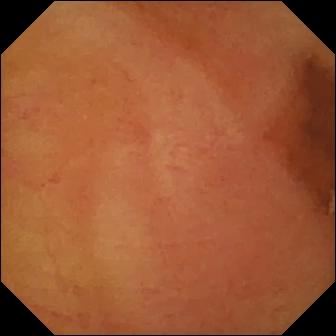modality: VCE
segment: small bowel
observation: normal clean mucosa